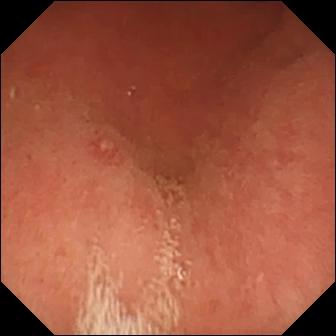Video capsule endoscopy — erosion.